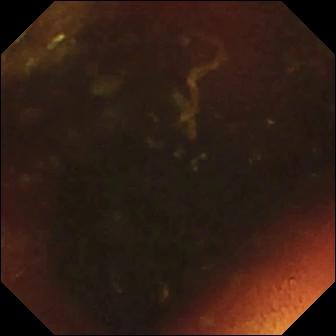- modality: video capsule endoscopy
- position: ileo-cecal valve region